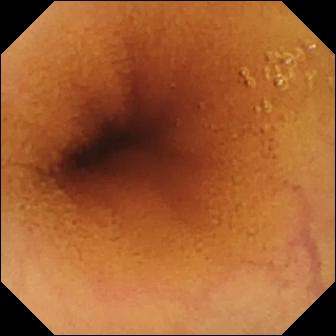VCE still
Finding: normal clean mucosa